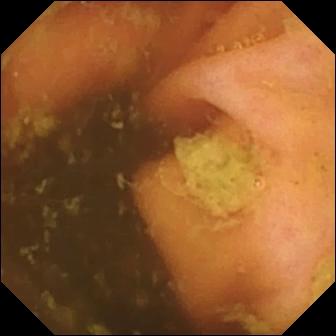modality: video capsule endoscopy
label: ileo-cecal valve region